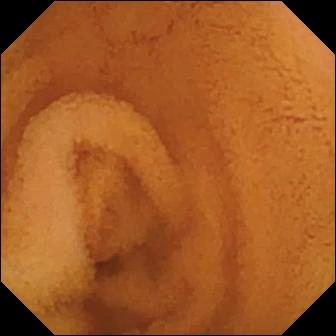Small-bowel capsule endoscopy still (small bowel), 336×336. Normal clean mucosa.